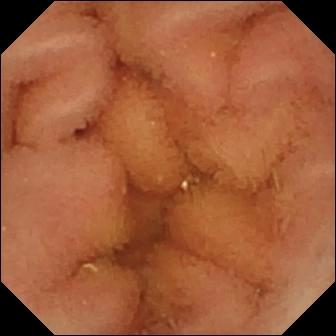PROCEDURE: Wireless capsule endoscopy.
FINDINGS: Normal clean mucosa.